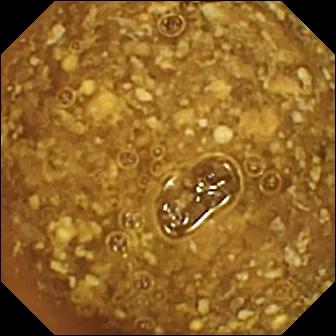VCE frame showing reduced mucosal view (content or bubbles obscuring the mucosa).